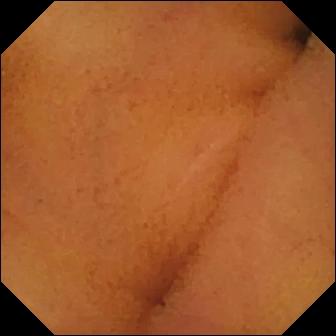Q: What does this WCE image of the small intestine show?
A: Normal clean mucosa.